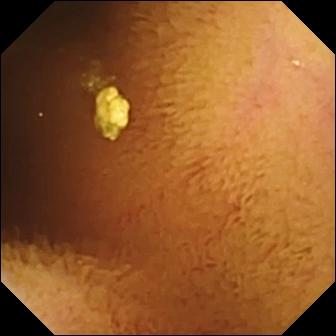- modality: WCE
- category: luminal finding
- observation: normal clean mucosa